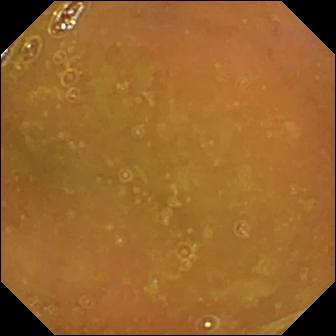{"modality": "VCE", "segment": "small bowel", "category": "luminal finding", "finding": "normal clean mucosa"}